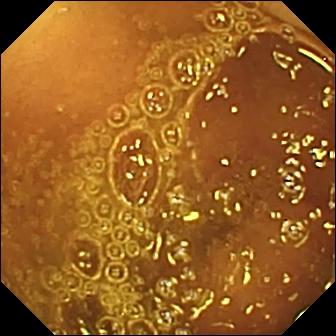Q: What does this video capsule endoscopy still show?
A: Normal clean mucosa.